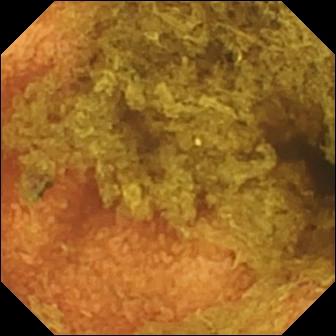VCE still, small intestine
Impression: normal clean mucosa